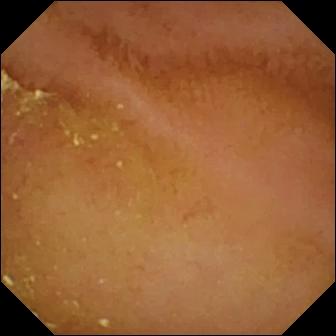WCE view
Label: normal clean mucosa